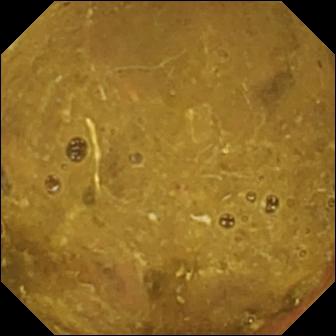{"modality": "small-bowel capsule endoscopy", "location": "ileo-cecal valve region (where the capsule passes from the small bowel into the large bowel)"}